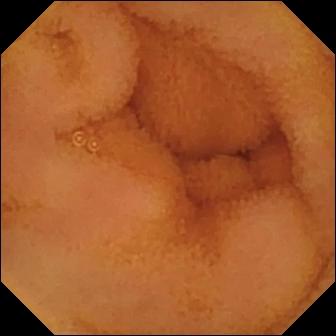modality: video capsule endoscopy
observation: normal clean mucosa